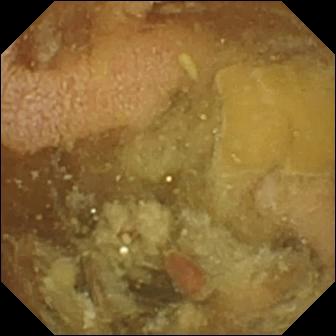Wireless capsule endoscopy frame. Taken in the pylorus region.